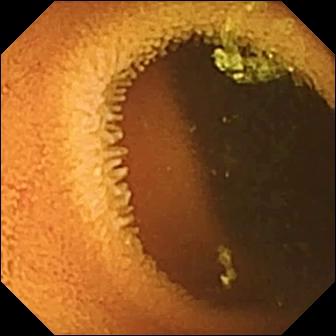- modality: WCE
- observation: normal clean mucosa